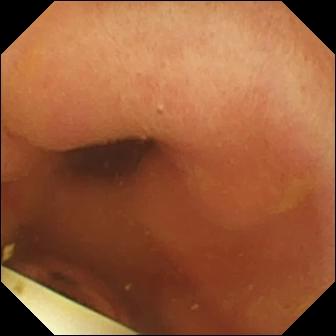modality: small-bowel capsule endoscopy; label: foreign body (e.g. retained capsule, tablet residue)